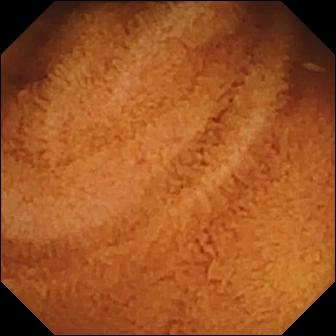WCE view showing normal clean mucosa.